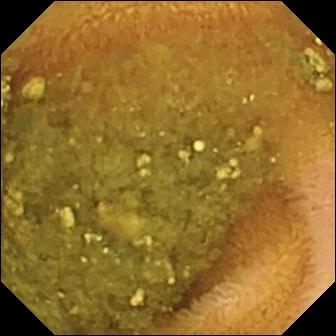Q: What does this capsule endoscopy frame show?
A: Reduced mucosal view (content or bubbles obscuring the mucosa).